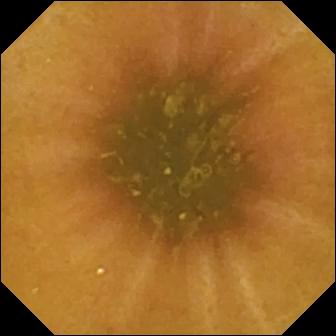VCE. Label: ileo-cecal valve region.